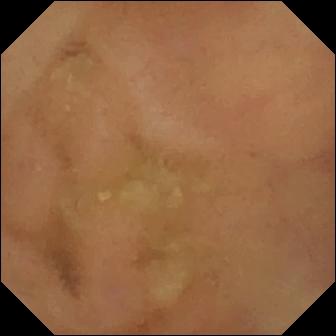Normal clean mucosa.